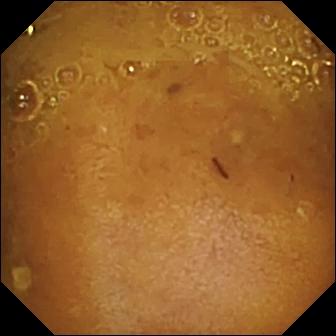Q: What does this WCE view show?
A: Reduced mucosal view (content or bubbles obscuring the mucosa).